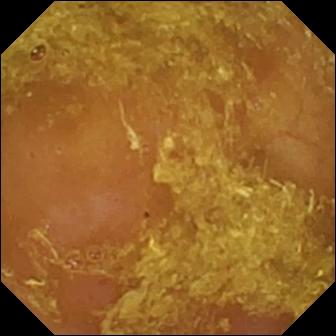Video capsule endoscopy. Observation: reduced mucosal view (content or bubbles obscuring the mucosa).